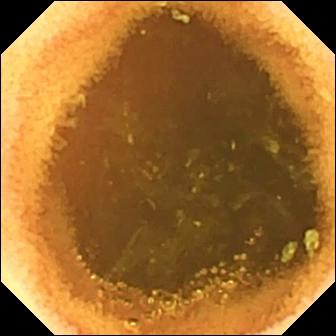modality: WCE | finding: normal clean mucosa